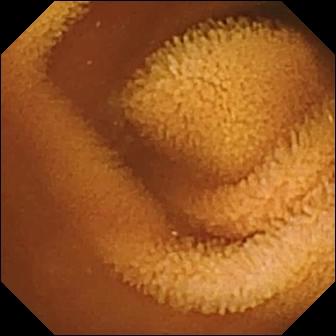Normal clean mucosa.